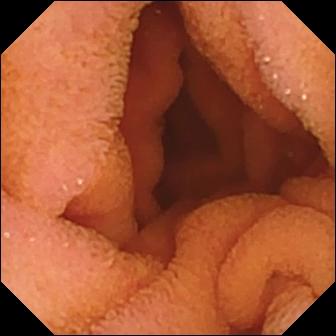Normal clean mucosa.